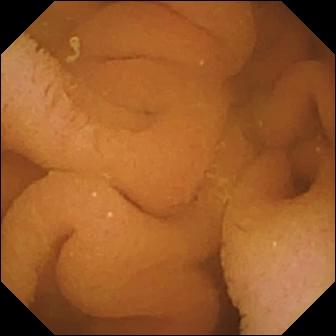VCE. Small intestine. Observation: normal clean mucosa.